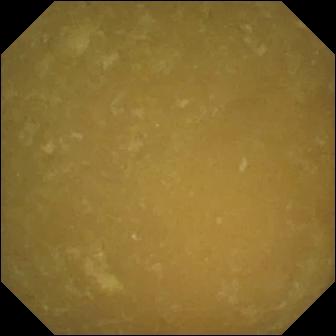modality: wireless capsule endoscopy | position: ileo-cecal valve region (the transition from the small bowel to the large bowel)